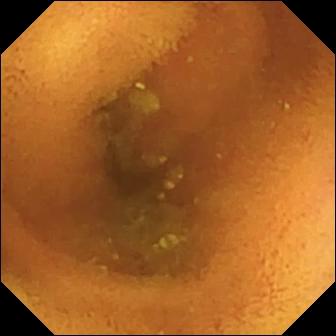Small-bowel capsule endoscopy. Small bowel. Impression: normal clean mucosa.